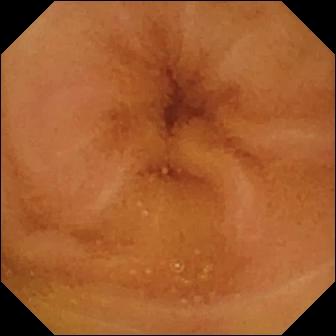PROCEDURE: VCE.
SEGMENT: Small bowel.
FINDINGS: Normal clean mucosa.